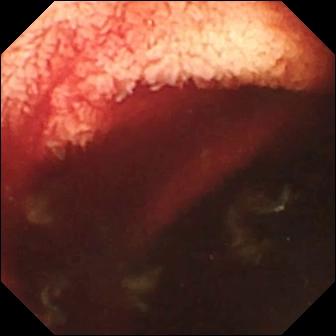modality: video capsule endoscopy; label: fresh blood in the lumen